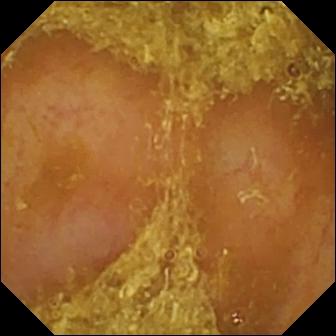{"modality": "small-bowel capsule endoscopy", "segment": "small intestine", "finding": "reduced mucosal view (content or bubbles obscuring the mucosa)"}